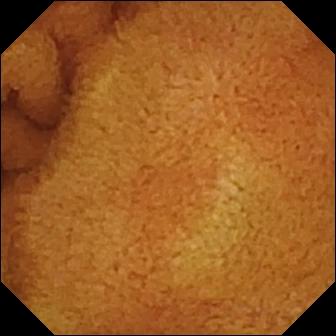Capsule endoscopy. Small intestine. Label: normal clean mucosa.